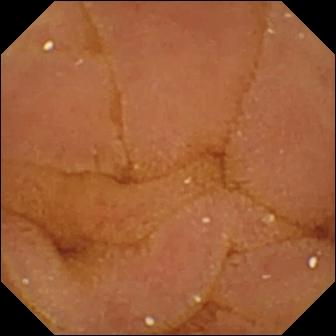- modality: WCE
- segment: small intestine
- label: normal clean mucosa